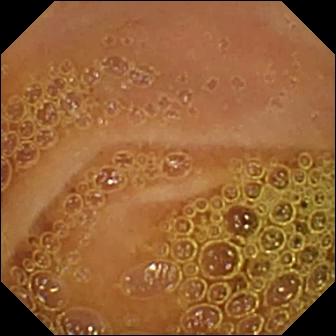PROCEDURE: Wireless capsule endoscopy.
SEGMENT: Small bowel.
FINDINGS: Normal clean mucosa.